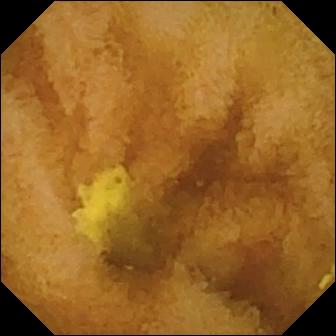modality: VCE
impression: normal clean mucosa